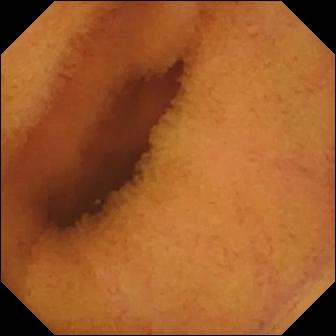This wireless capsule endoscopy view shows normal clean mucosa.